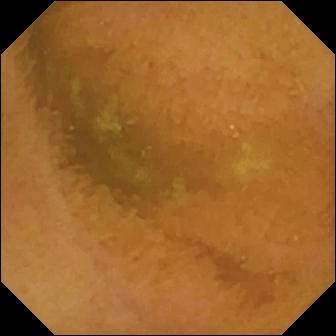Q: What does this small-bowel capsule endoscopy frame show?
A: Normal clean mucosa.